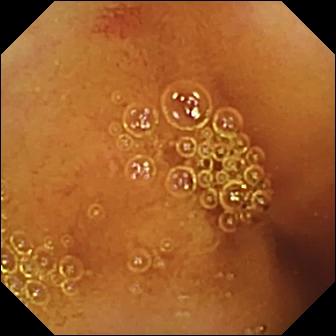- modality: small-bowel capsule endoscopy
- label: angiectasia